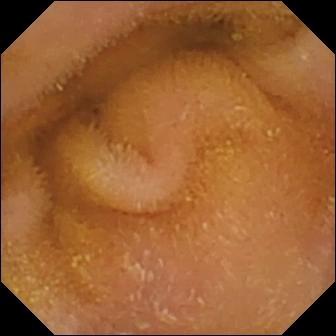Normal clean mucosa — VCE still.